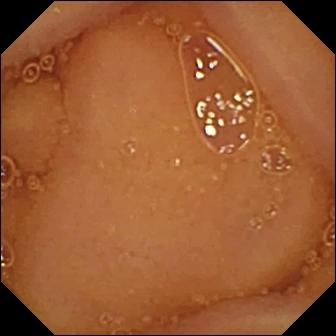Capsule endoscopy frame showing normal clean mucosa.